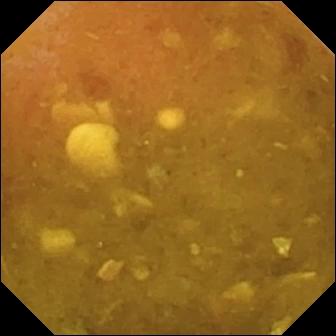Q: What does this wireless capsule endoscopy image show?
A: Reduced mucosal view (content or bubbles obscuring the mucosa).